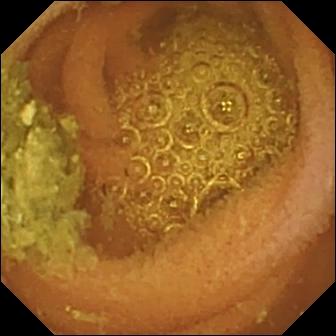modality: small-bowel capsule endoscopy | finding: normal clean mucosa